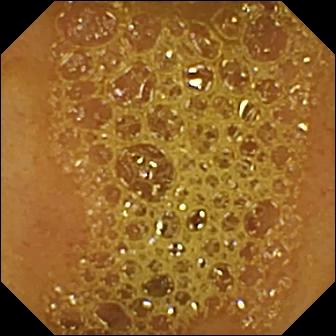{"modality": "video capsule endoscopy", "category": "anatomical landmark", "label": "ileo-cecal valve region (where the capsule passes from the small bowel into the large bowel)"}